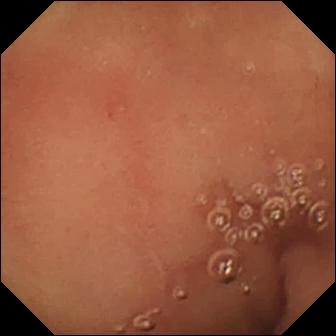Q: Where in the digestive tract was this VCE frame taken?
A: Pylorus region.